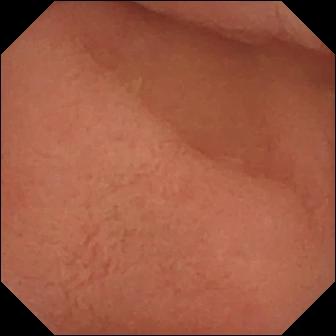Pylorus region — capsule endoscopy view.